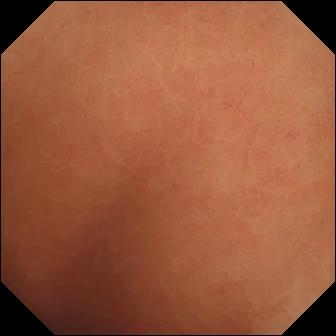Small-bowel capsule endoscopy still showing normal clean mucosa.